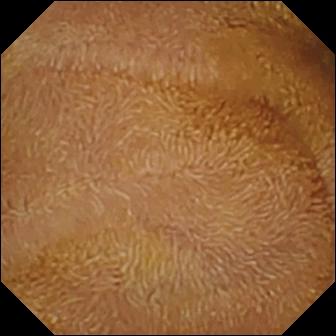Q: What does this capsule endoscopy snapshot of the small bowel show?
A: Normal clean mucosa.